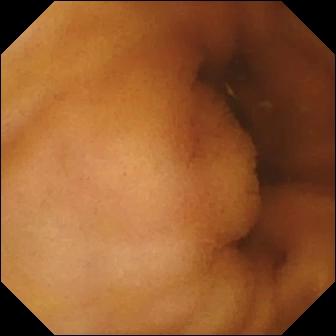Normal clean mucosa.